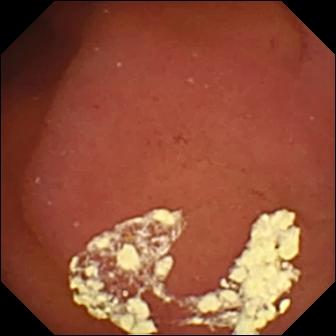modality: VCE; label: pylorus region